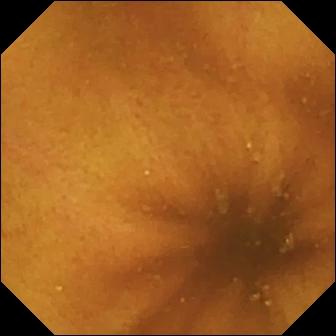{"modality": "capsule endoscopy", "segment": "small intestine", "category": "luminal finding", "finding": "normal clean mucosa"}